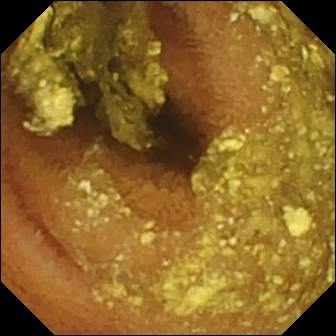Q: What does this wireless capsule endoscopy image show?
A: Normal clean mucosa.